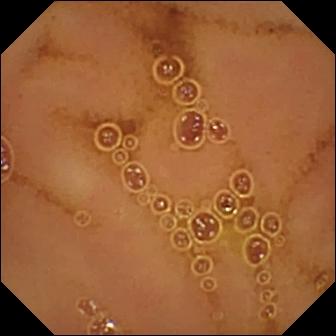Capsule endoscopy — normal clean mucosa.